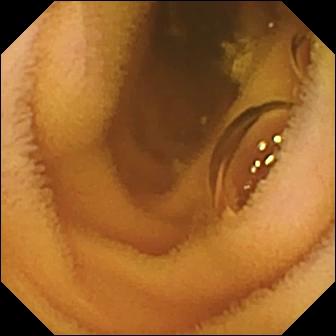VCE still of the small intestine showing normal clean mucosa.